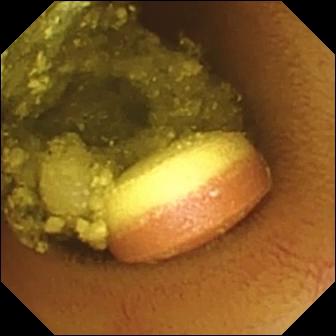{"modality": "WCE", "finding": "foreign body (e.g. retained capsule, tablet residue)"}